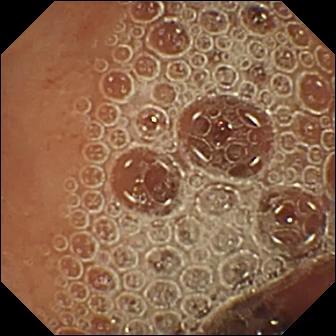VCE image. Normal clean mucosa.